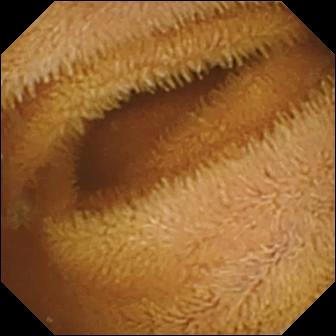This capsule endoscopy view of the small bowel shows normal clean mucosa.